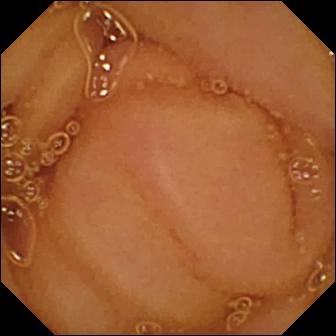modality: wireless capsule endoscopy; segment: small intestine; finding: normal clean mucosa